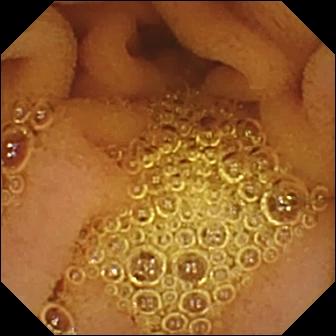WCE frame (small intestine). Normal clean mucosa.